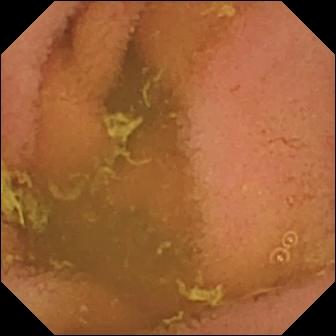modality: video capsule endoscopy; segment: small intestine; impression: normal clean mucosa